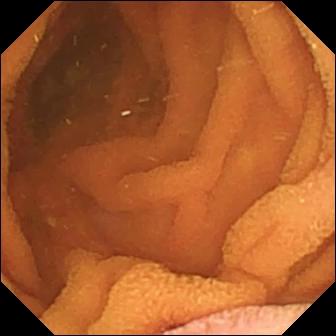Normal clean mucosa — wireless capsule endoscopy still of the small intestine.